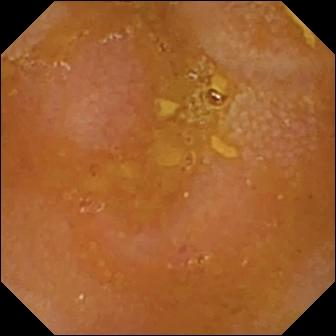VCE — reduced mucosal view (content or bubbles obscuring the mucosa).